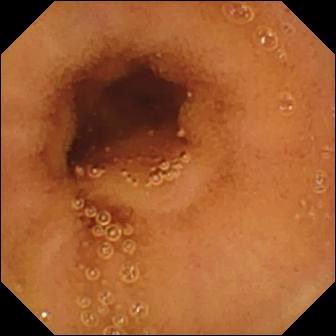Normal clean mucosa — capsule endoscopy view of the small bowel.